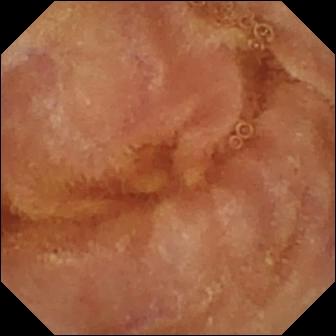Capsule endoscopy view showing normal clean mucosa.